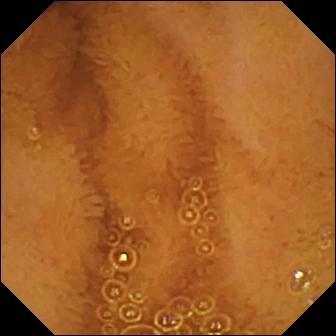Wireless capsule endoscopy snapshot, small bowel
Label: normal clean mucosa